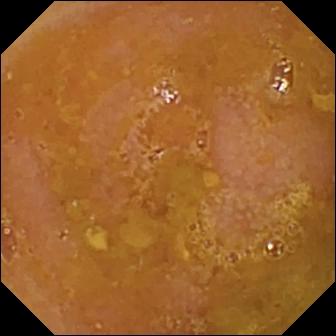PROCEDURE: Small-bowel capsule endoscopy.
SEGMENT: Small bowel.
FINDINGS: Reduced mucosal view (content or bubbles obscuring the mucosa).